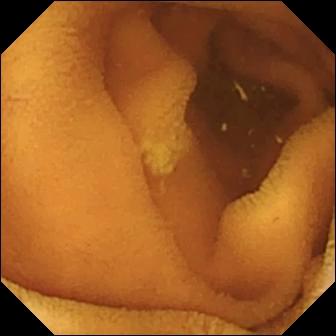VCE. Luminal finding. Impression: normal clean mucosa.